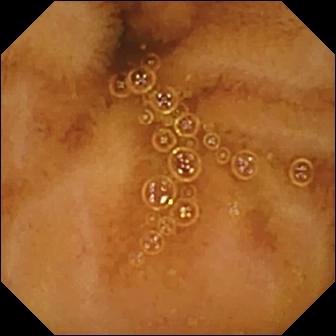Wireless capsule endoscopy image showing normal clean mucosa.